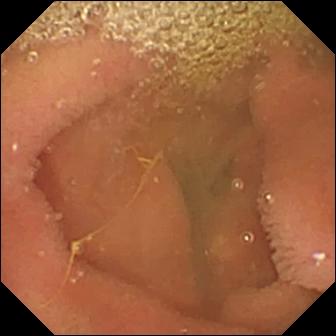Small-bowel capsule endoscopy view, 336×336. Lymphangiectasia.